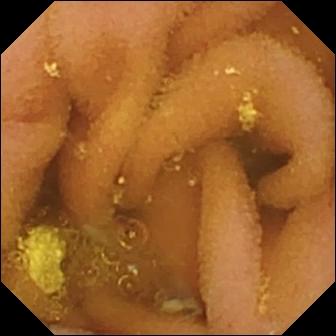Lymphangiectasia (336×336).